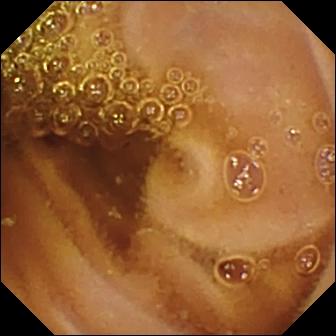Video capsule endoscopy image (small intestine). Normal clean mucosa.